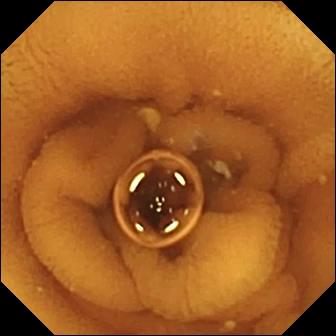Q: What does this VCE still show?
A: Normal clean mucosa.